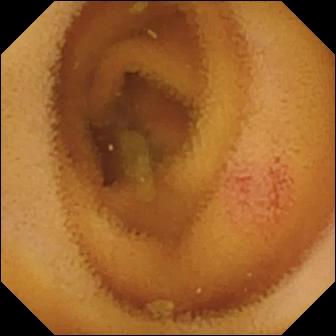Angiectasia — wireless capsule endoscopy still.